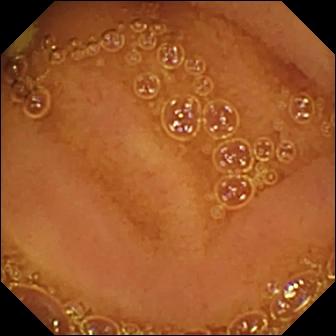This wireless capsule endoscopy snapshot shows normal clean mucosa.